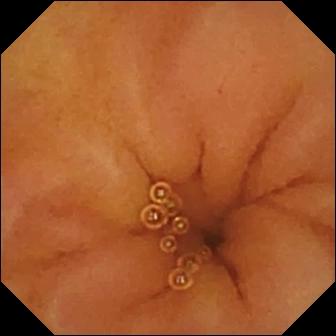{"modality": "small-bowel capsule endoscopy", "finding": "normal clean mucosa"}